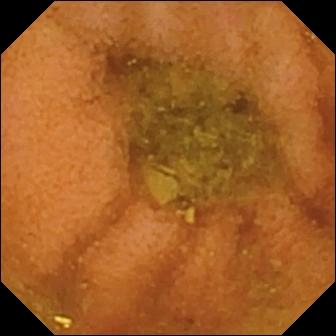Normal clean mucosa — capsule endoscopy image of the small bowel.